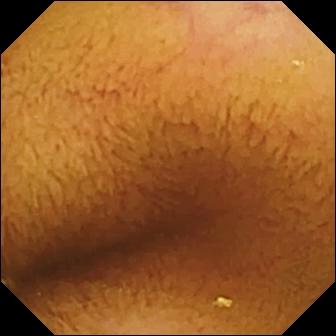Normal clean mucosa.